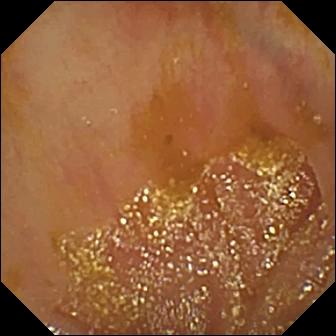This capsule endoscopy snapshot was taken in the ileo-cecal valve region (where the capsule passes from the small bowel into the large bowel).